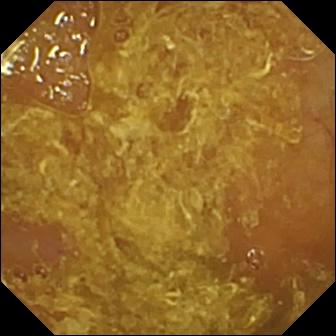- modality: wireless capsule endoscopy
- segment: small intestine
- finding: reduced mucosal view (content or bubbles obscuring the mucosa)